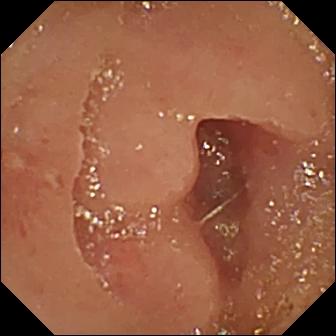Erosion — WCE snapshot.